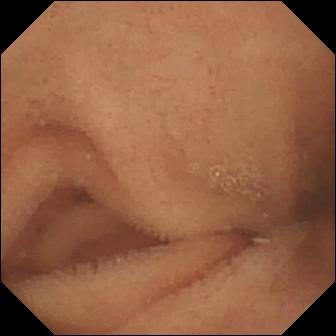Normal clean mucosa.